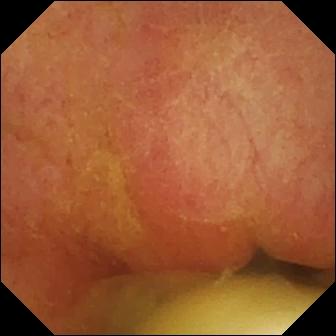{"modality": "capsule endoscopy", "finding": "foreign body (e.g. retained capsule, tablet residue)"}